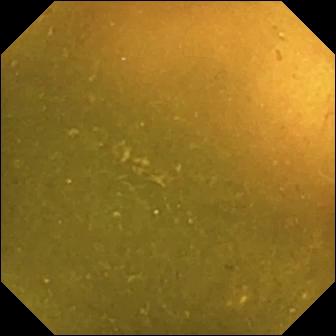modality: wireless capsule endoscopy; category: anatomical landmark; label: ileo-cecal valve region